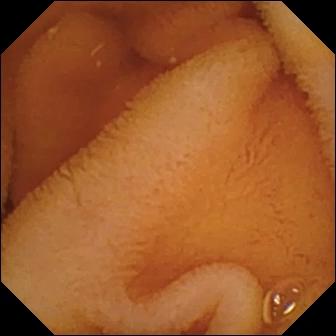VCE view (small bowel), 336×336. Normal clean mucosa.